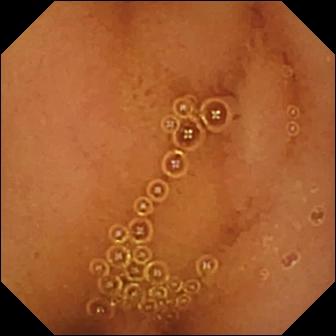modality: wireless capsule endoscopy
segment: small bowel
finding: normal clean mucosa